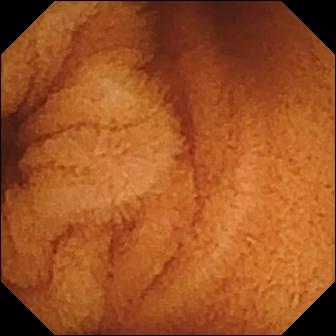- modality: WCE
- finding: normal clean mucosa